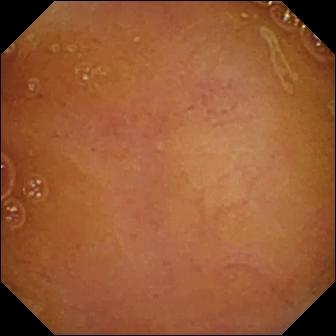modality: capsule endoscopy | category: luminal finding | observation: normal clean mucosa